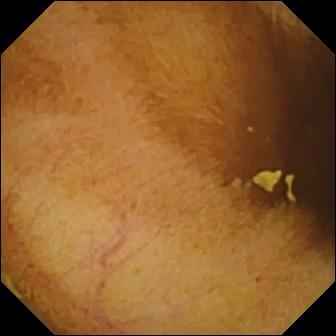Q: What does this video capsule endoscopy image show?
A: Normal clean mucosa.